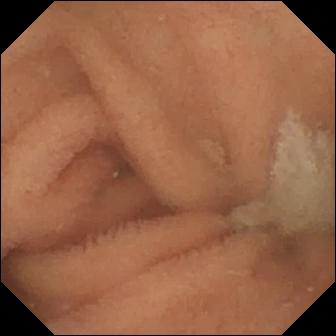Normal clean mucosa — capsule endoscopy image.